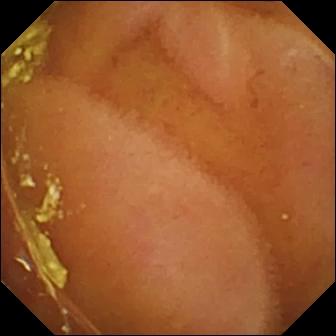Small-bowel capsule endoscopy image, small intestine
Observation: normal clean mucosa